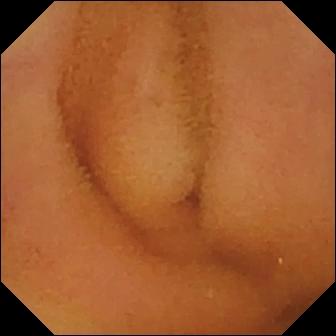{"modality": "small-bowel capsule endoscopy", "finding": "normal clean mucosa"}